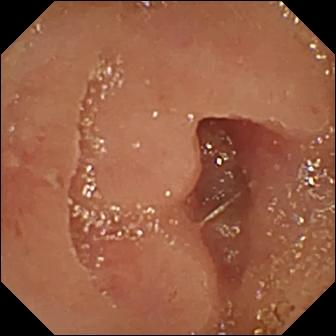Erosion — VCE frame.